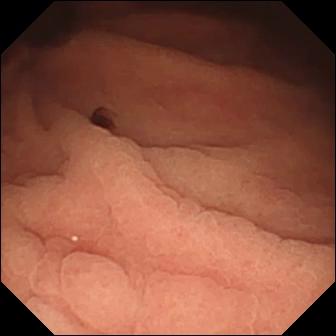Wireless capsule endoscopy snapshot showing angiectasia.